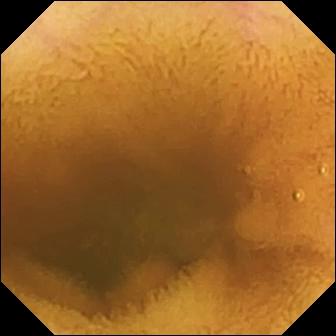Capsule endoscopy frame
Label: normal clean mucosa